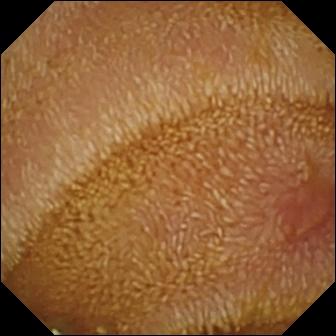Q: What does this capsule endoscopy frame show?
A: Erosion.